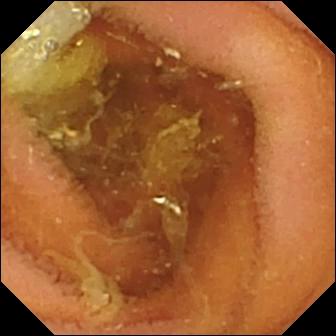Capsule endoscopy. Impression: normal clean mucosa.